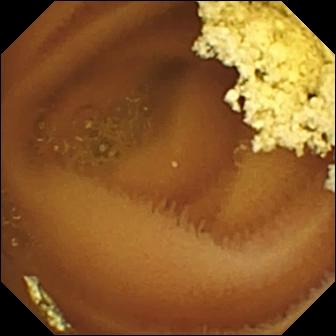Capsule endoscopy still (small intestine). Normal clean mucosa.